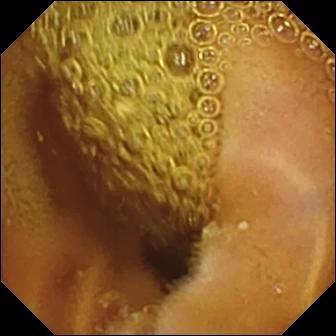Capsule endoscopy image of the small bowel showing normal clean mucosa.